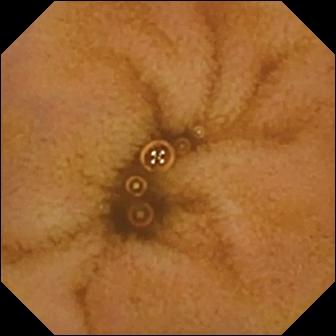modality: video capsule endoscopy; category: luminal finding; label: normal clean mucosa